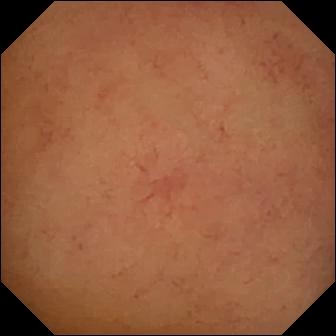This wireless capsule endoscopy snapshot of the small intestine shows normal clean mucosa.